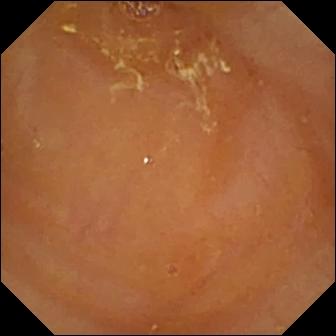Small-bowel capsule endoscopy still, small bowel
Finding: reduced mucosal view (content or bubbles obscuring the mucosa)